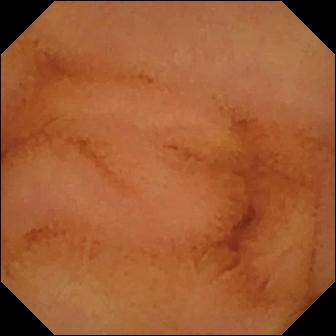Normal clean mucosa — WCE still.